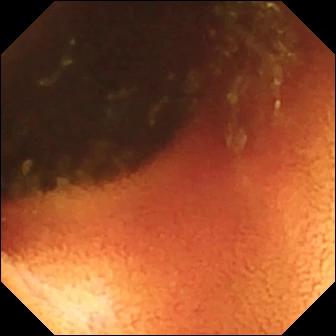Video capsule endoscopy frame taken in the ileo-cecal valve region.